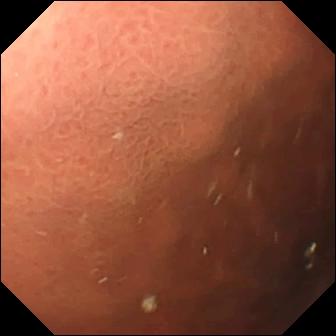Q: Where in the digestive tract was this video capsule endoscopy view taken?
A: Pylorus region (where the capsule passes from the stomach into the small bowel).